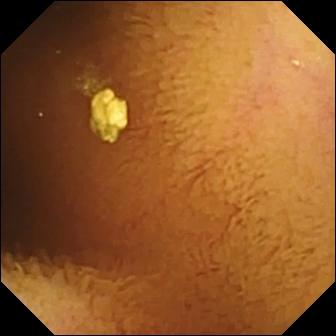modality: wireless capsule endoscopy | segment: small bowel | impression: normal clean mucosa